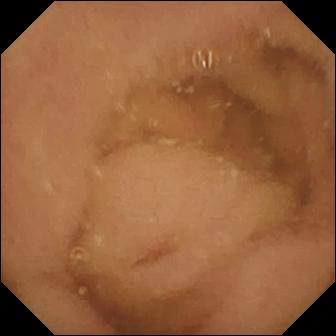This capsule endoscopy image shows normal clean mucosa.